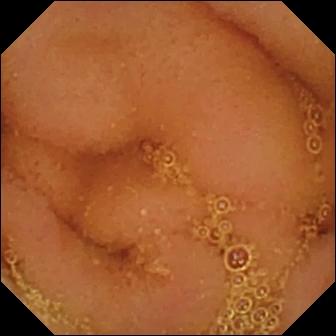This small-bowel capsule endoscopy view of the small bowel shows normal clean mucosa.